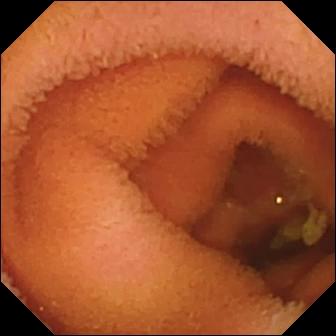WCE image, 336×336. Normal clean mucosa.